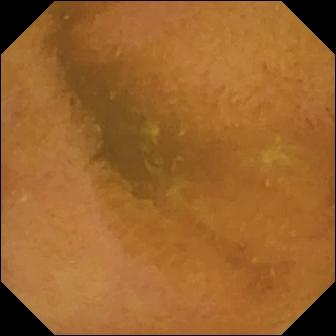Small-bowel capsule endoscopy still
Label: normal clean mucosa